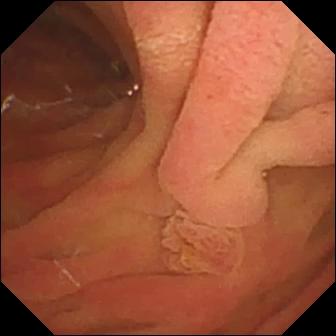Small-bowel capsule endoscopy — ampulla of Vater (major duodenal papilla).